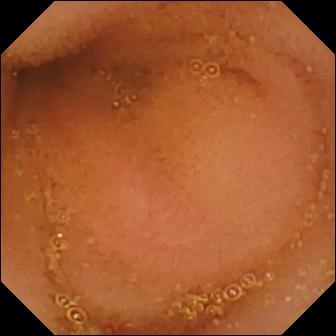Wireless capsule endoscopy view. Normal clean mucosa.